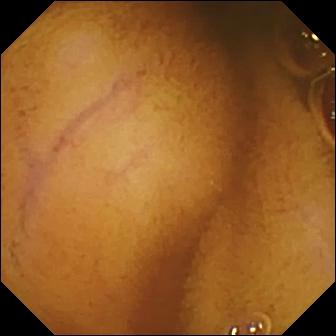VCE view
Impression: normal clean mucosa